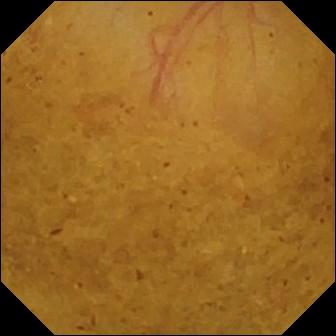modality: capsule endoscopy; location: ileo-cecal valve region